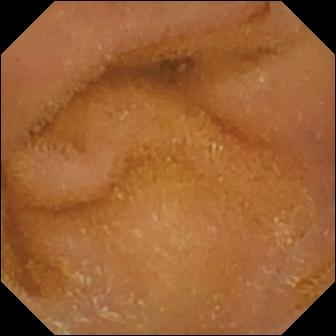modality: small-bowel capsule endoscopy | category: luminal finding | finding: normal clean mucosa